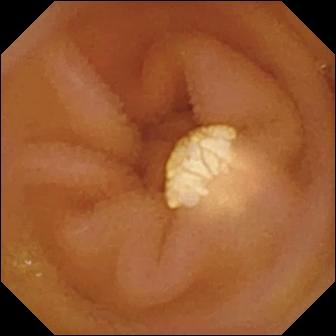VCE — lymphangiectasia.